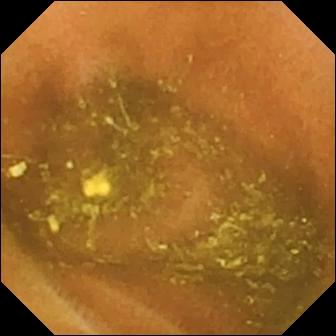- modality: WCE
- position: ileo-cecal valve region (the transition from the small bowel to the large bowel)